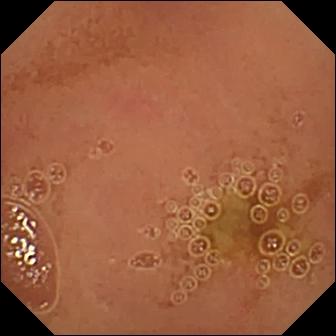WCE still. Normal clean mucosa.